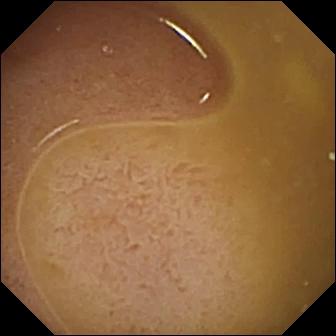VCE view taken in the ileo-cecal valve region (the transition from the small bowel to the large bowel).